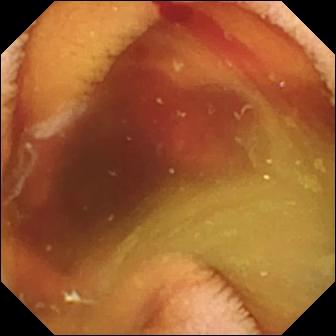Wireless capsule endoscopy image
Impression: fresh blood in the lumen